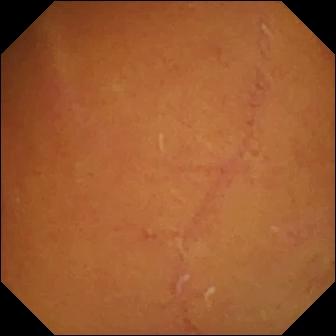Capsule endoscopy image showing normal clean mucosa.